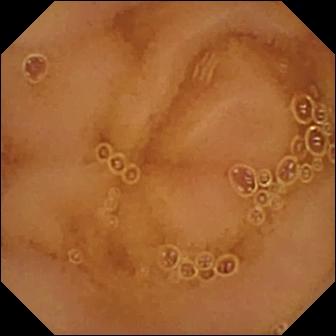Normal clean mucosa — video capsule endoscopy still of the small intestine.